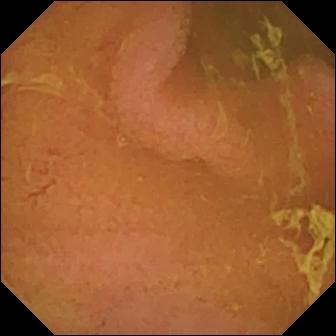PROCEDURE: VCE.
FINDINGS: Normal clean mucosa.